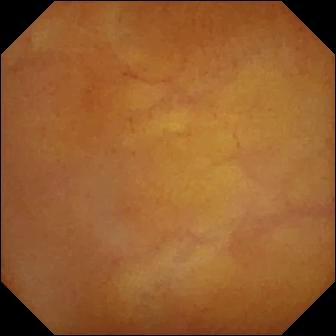Normal clean mucosa (336×336).